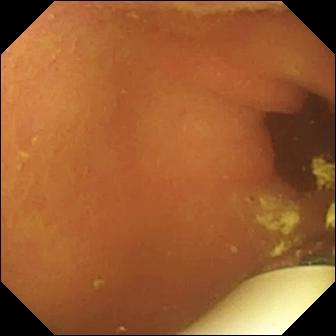Capsule endoscopy — foreign body (e.g. retained capsule, tablet residue).